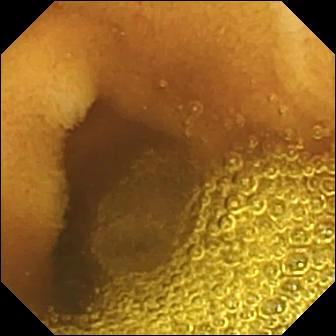Wireless capsule endoscopy. Small intestine. Finding: normal clean mucosa.